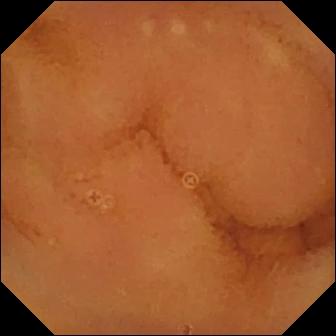Capsule endoscopy still of the small bowel showing normal clean mucosa.